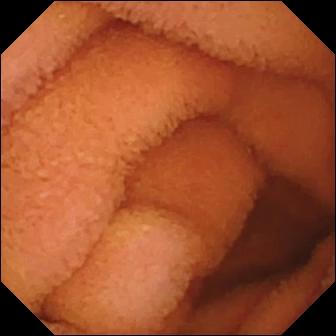Q: What does this video capsule endoscopy view show?
A: Normal clean mucosa.